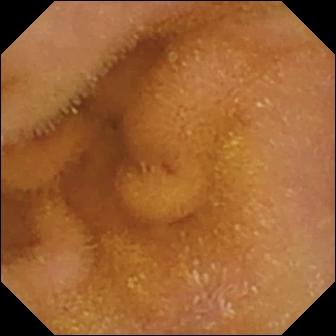Normal clean mucosa (336×336).